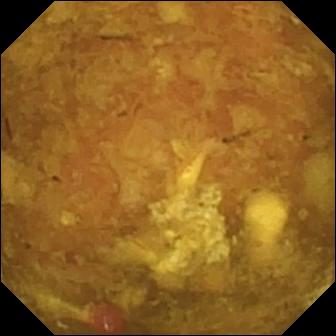VCE still showing reduced mucosal view (content or bubbles obscuring the mucosa).